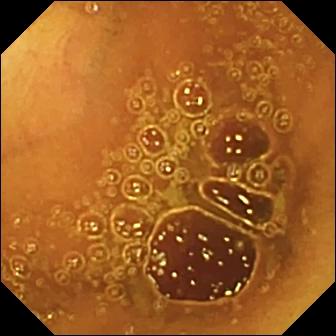Normal clean mucosa — small-bowel capsule endoscopy frame.